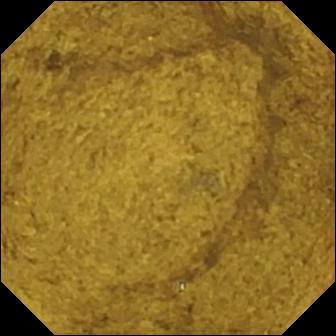Small-bowel capsule endoscopy — ileo-cecal valve region.